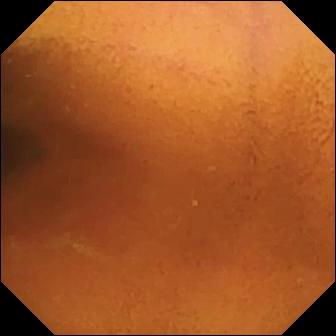PROCEDURE: Wireless capsule endoscopy.
SEGMENT: Small intestine.
FINDINGS: Normal clean mucosa.